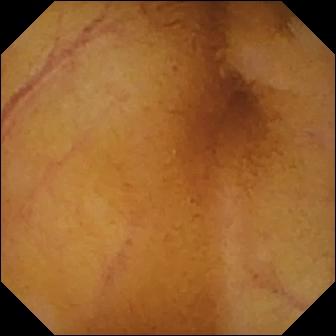This VCE still of the small bowel shows normal clean mucosa.